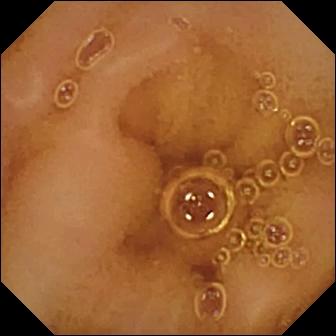WCE image, 336×336. Normal clean mucosa.